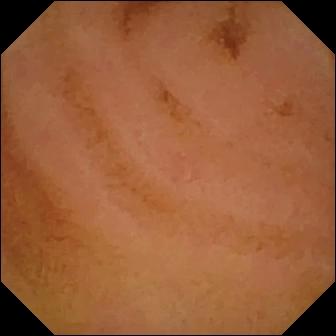Wireless capsule endoscopy. Impression: normal clean mucosa.